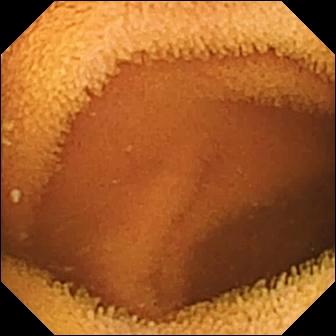{"modality": "wireless capsule endoscopy", "finding": "normal clean mucosa"}